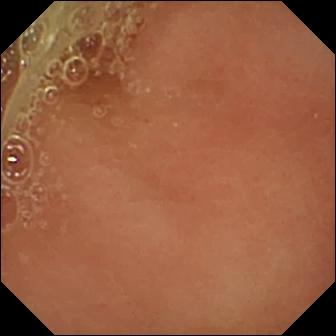Capsule endoscopy image. Taken in the pylorus region.